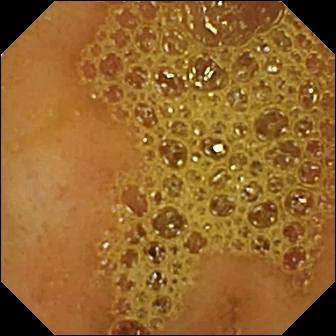Ileo-cecal valve region (where the capsule passes from the small bowel into the large bowel).